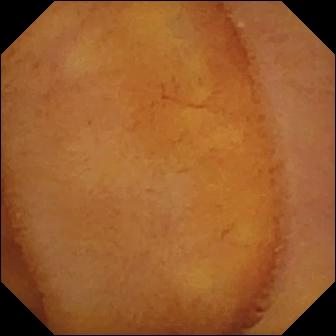{"modality": "WCE", "segment": "small bowel", "finding": "normal clean mucosa"}